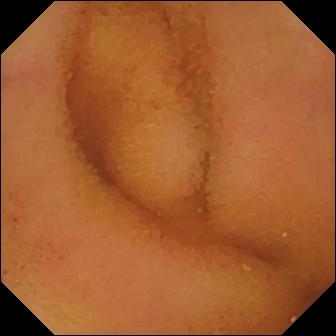PROCEDURE: Small-bowel capsule endoscopy.
SEGMENT: Small bowel.
FINDINGS: Normal clean mucosa.